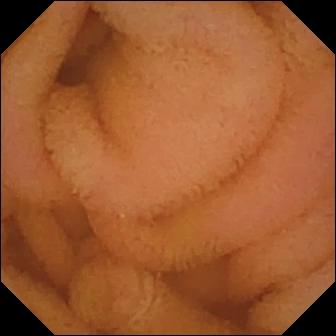Small-bowel capsule endoscopy snapshot (small bowel). Normal clean mucosa.